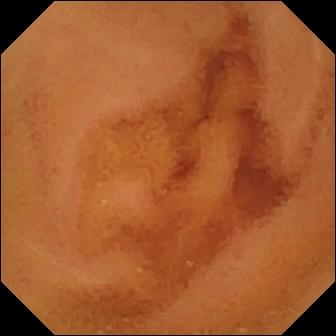VCE. Small intestine. Impression: normal clean mucosa.